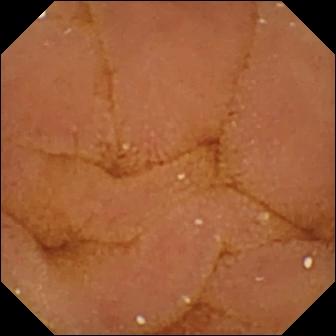WCE frame of the small bowel showing normal clean mucosa.